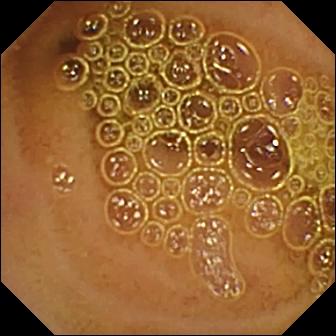Capsule endoscopy — normal clean mucosa.